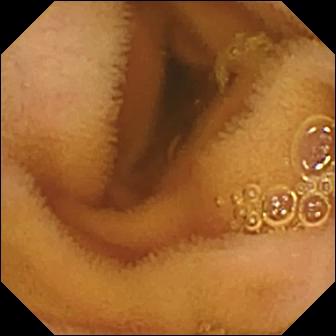WCE. Small bowel. Observation: normal clean mucosa.